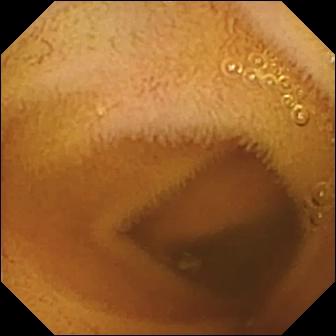- modality: capsule endoscopy
- finding: normal clean mucosa